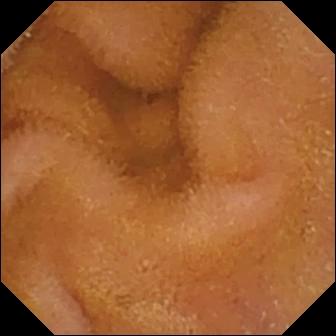{"modality": "wireless capsule endoscopy", "finding": "normal clean mucosa"}